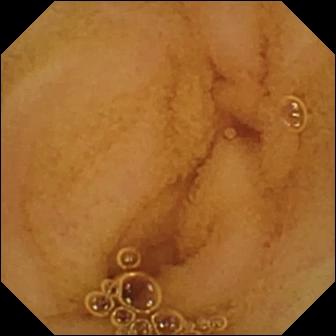Small-bowel capsule endoscopy — normal clean mucosa.